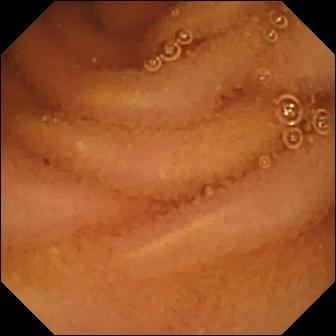Normal clean mucosa — small-bowel capsule endoscopy snapshot of the small intestine.